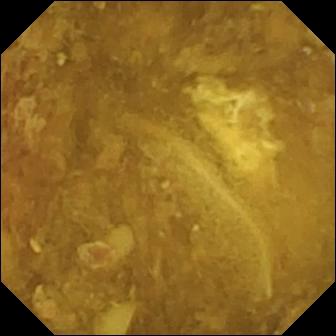VCE snapshot (small bowel). Reduced mucosal view (content or bubbles obscuring the mucosa).